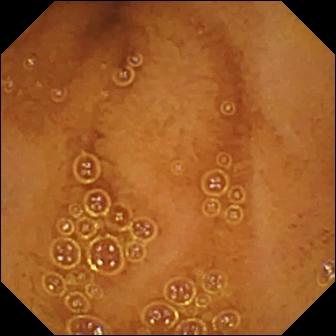Wireless capsule endoscopy. Small bowel. Finding: normal clean mucosa.